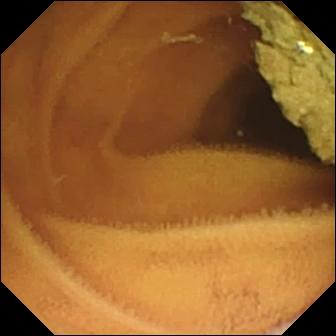{"modality": "wireless capsule endoscopy", "finding": "normal clean mucosa"}